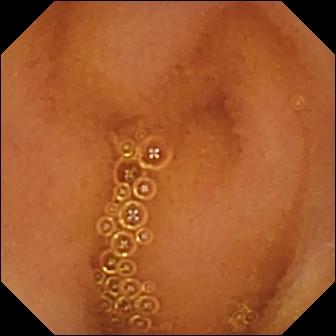Q: What does this small-bowel capsule endoscopy still of the small intestine show?
A: Normal clean mucosa.